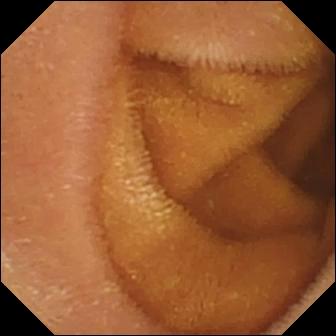{"modality": "wireless capsule endoscopy", "segment": "small bowel", "finding": "normal clean mucosa"}